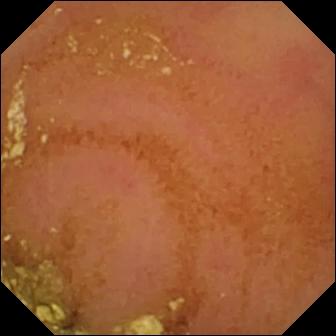Capsule endoscopy — normal clean mucosa.